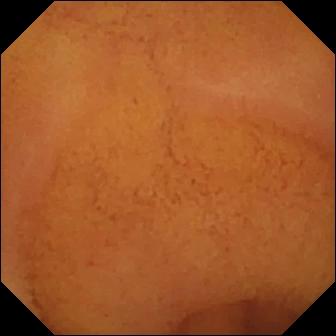Wireless capsule endoscopy still, 336×336. Normal clean mucosa.